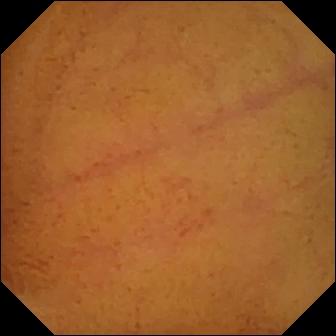PROCEDURE: Video capsule endoscopy.
FINDINGS: Normal clean mucosa.